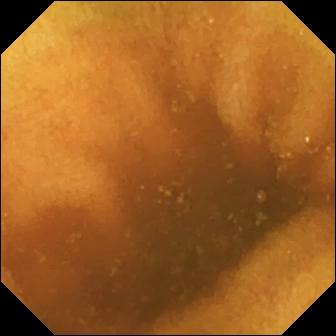{"modality": "VCE", "finding": "normal clean mucosa"}